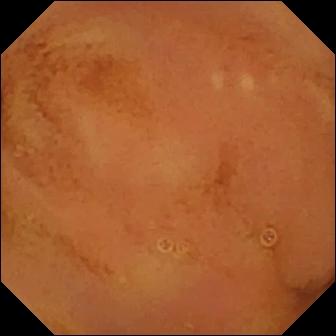Wireless capsule endoscopy still of the small intestine showing normal clean mucosa.